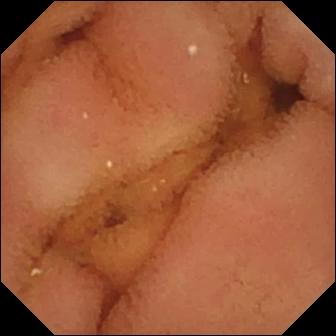VCE. Small intestine. Observation: normal clean mucosa.